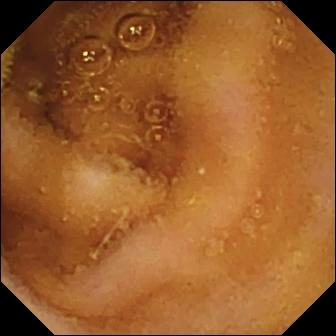Capsule endoscopy snapshot
Observation: normal clean mucosa